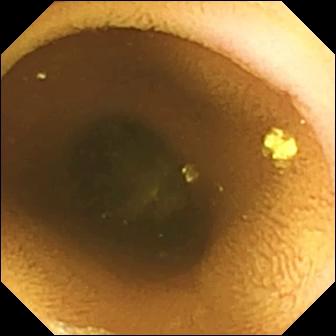Normal clean mucosa.